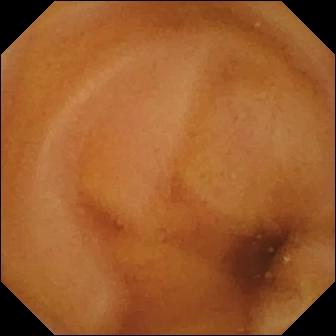Wireless capsule endoscopy snapshot
Label: normal clean mucosa